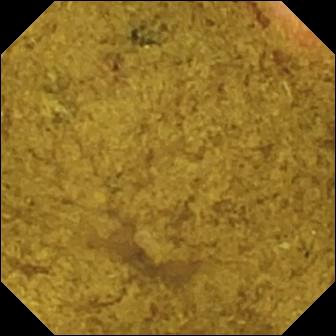PROCEDURE: Wireless capsule endoscopy.
LOCATION: Ileo-cecal valve region (the transition from the small bowel to the large bowel).